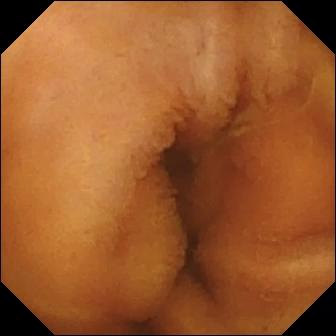Normal clean mucosa — wireless capsule endoscopy frame.